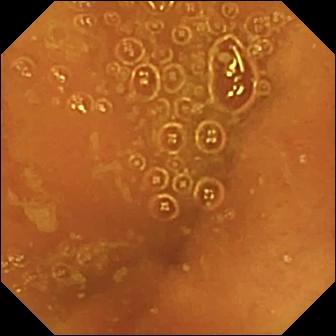WCE frame. Taken in the ileo-cecal valve region (the transition from the small bowel to the large bowel).